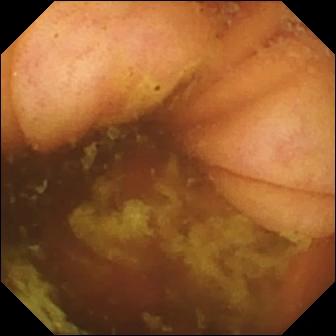{"modality": "WCE", "location": "ileo-cecal valve region (the transition from the small bowel to the large bowel)"}